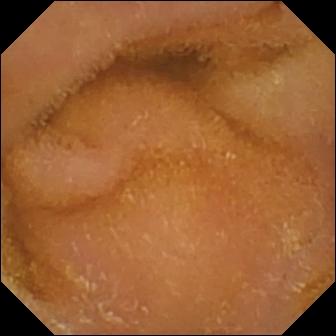Capsule endoscopy still, small bowel
Finding: normal clean mucosa